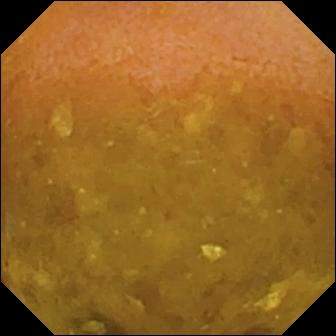Small-bowel capsule endoscopy — reduced mucosal view (content or bubbles obscuring the mucosa).